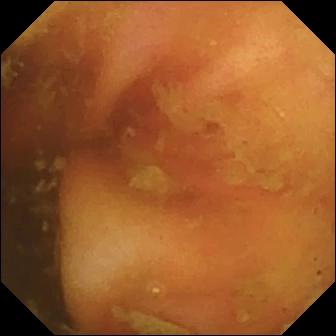- modality: wireless capsule endoscopy
- category: anatomical landmark
- label: ileo-cecal valve region